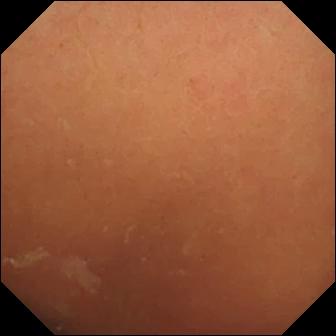PROCEDURE: Video capsule endoscopy.
FINDINGS: Normal clean mucosa.